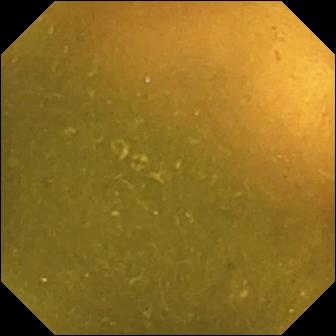Wireless capsule endoscopy — ileo-cecal valve region (where the capsule passes from the small bowel into the large bowel).